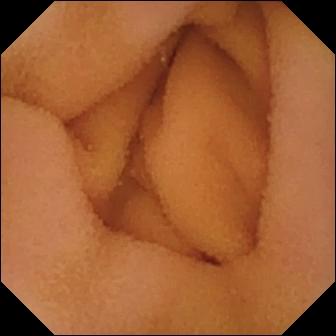WCE. Small intestine. Label: normal clean mucosa.